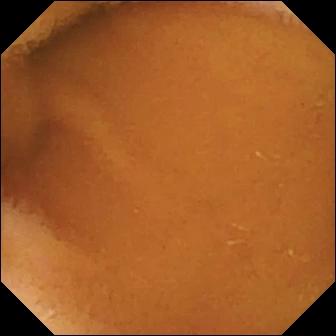PROCEDURE: Wireless capsule endoscopy.
SEGMENT: Small intestine.
FINDINGS: Normal clean mucosa.